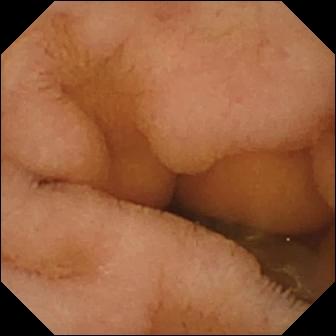VCE — normal clean mucosa.